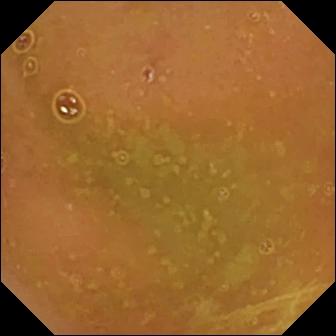VCE snapshot, small bowel
Label: normal clean mucosa